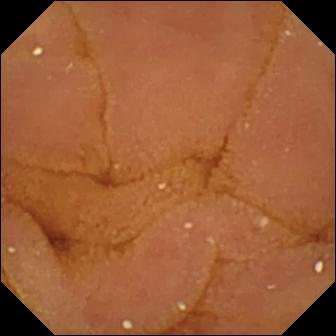- modality: capsule endoscopy
- segment: small bowel
- category: luminal finding
- observation: normal clean mucosa